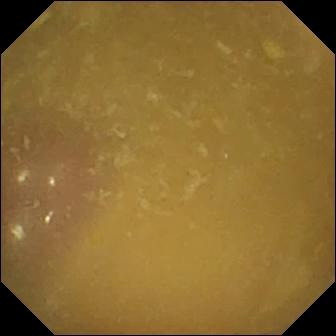This wireless capsule endoscopy still was taken in the ileo-cecal valve region (the transition from the small bowel to the large bowel).